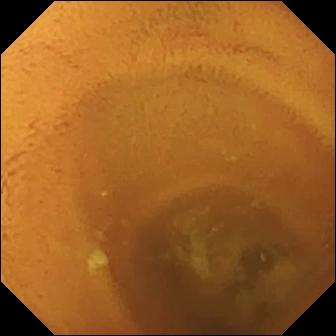Capsule endoscopy still. Normal clean mucosa.